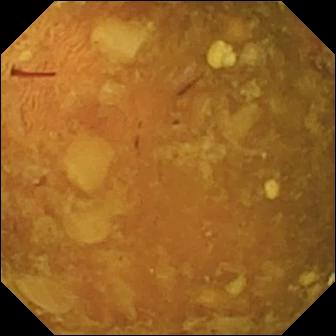- modality: capsule endoscopy
- impression: reduced mucosal view (content or bubbles obscuring the mucosa)